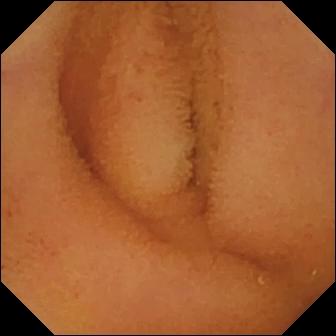Normal clean mucosa — small-bowel capsule endoscopy still of the small bowel.